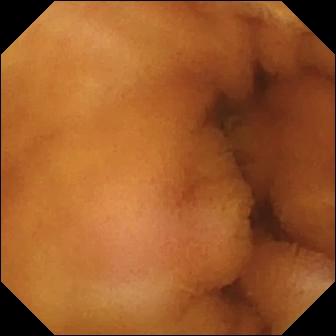Normal clean mucosa — wireless capsule endoscopy snapshot of the small intestine.